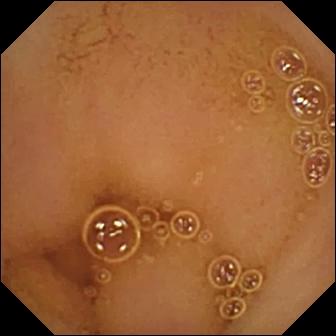VCE. Luminal finding. Finding: normal clean mucosa.